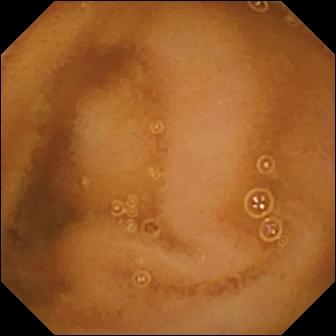Normal clean mucosa.